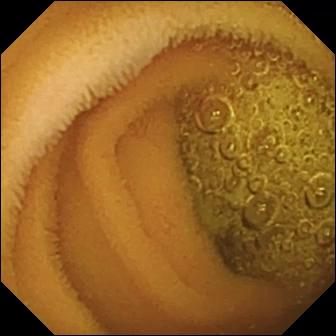WCE image
Impression: normal clean mucosa